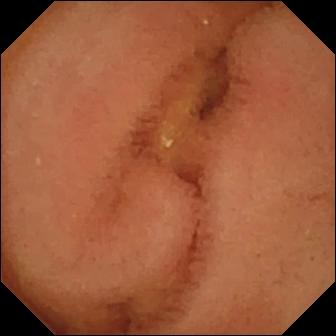- modality: VCE
- segment: small intestine
- finding: normal clean mucosa